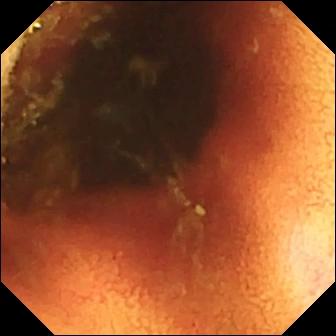WCE frame taken in the ileo-cecal valve region.